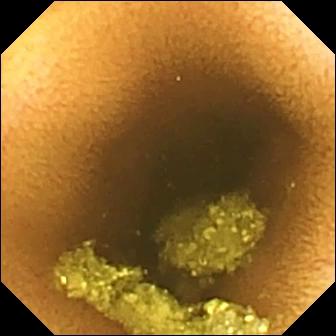{"modality": "video capsule endoscopy", "segment": "small bowel", "finding": "normal clean mucosa"}